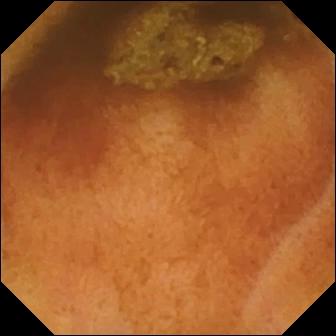modality: wireless capsule endoscopy | segment: small intestine | label: normal clean mucosa